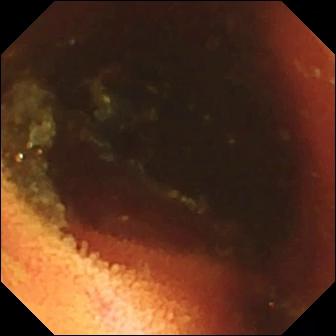Video capsule endoscopy — ileo-cecal valve region (where the capsule passes from the small bowel into the large bowel).